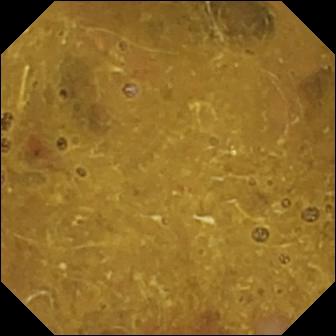Ileo-cecal valve region (where the capsule passes from the small bowel into the large bowel), 336×336.